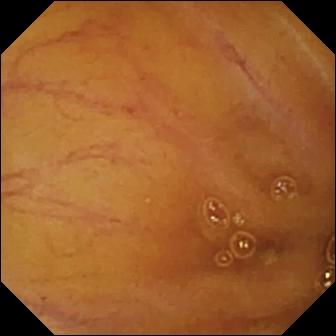Q: Where in the digestive tract was this small-bowel capsule endoscopy still taken?
A: Ileo-cecal valve region (the transition from the small bowel to the large bowel).